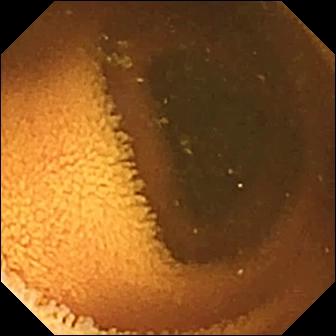This small-bowel capsule endoscopy view shows normal clean mucosa.